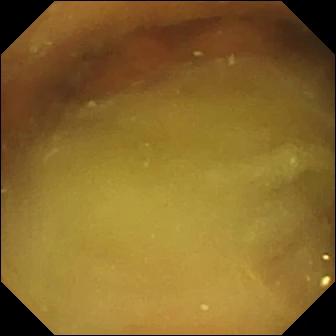Small-bowel capsule endoscopy view showing normal clean mucosa.